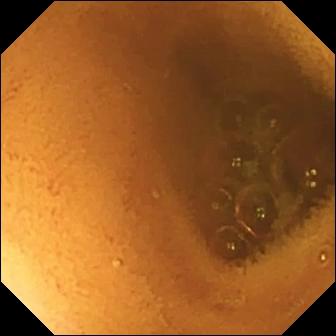- modality: VCE
- impression: normal clean mucosa